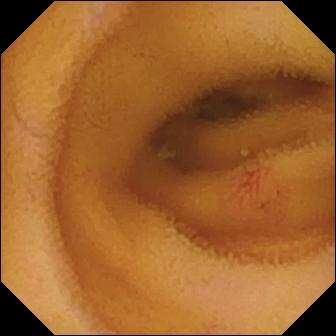Video capsule endoscopy frame
Impression: angiectasia